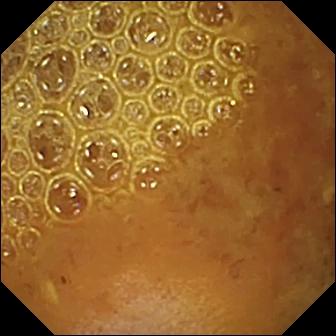Capsule endoscopy snapshot. Reduced mucosal view (content or bubbles obscuring the mucosa).